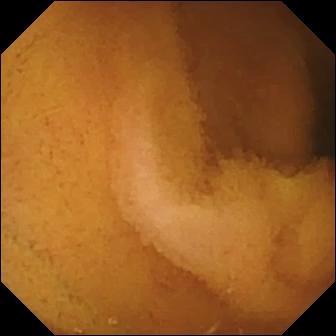- modality: WCE
- category: luminal finding
- finding: normal clean mucosa